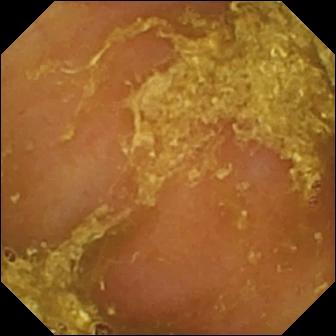Reduced mucosal view (content or bubbles obscuring the mucosa) — wireless capsule endoscopy still.